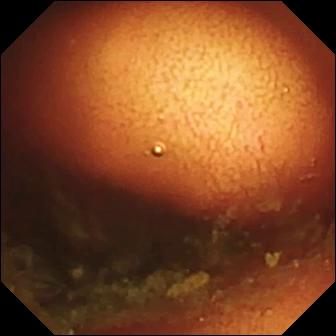Capsule endoscopy. Label: ileo-cecal valve region (where the capsule passes from the small bowel into the large bowel).